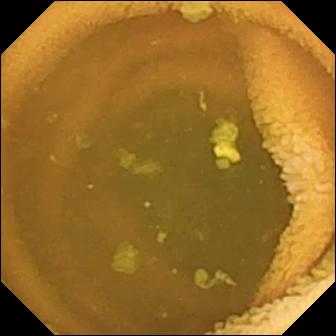modality: video capsule endoscopy | segment: small intestine | observation: normal clean mucosa